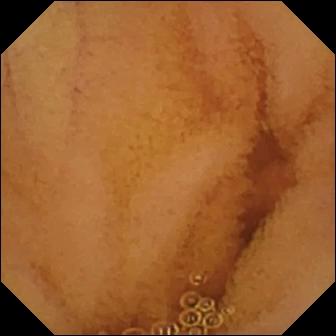Small-bowel capsule endoscopy still (small bowel). Normal clean mucosa.